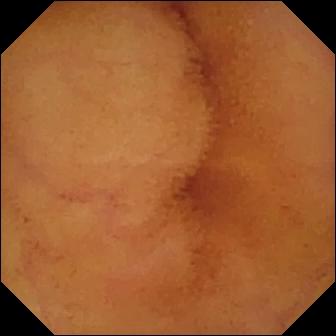Normal clean mucosa (336×336).